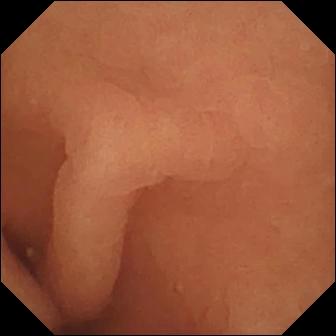PROCEDURE: Small-bowel capsule endoscopy.
FINDINGS: Normal clean mucosa.